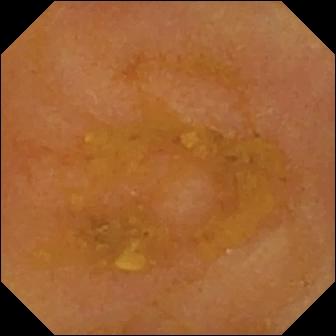Reduced mucosal view (content or bubbles obscuring the mucosa) — small-bowel capsule endoscopy view.